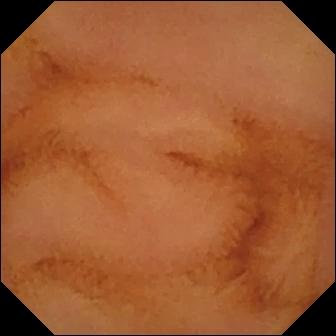- modality: WCE
- impression: normal clean mucosa